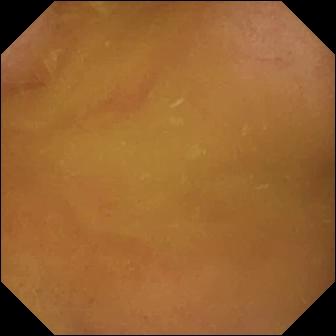Video capsule endoscopy — normal clean mucosa.